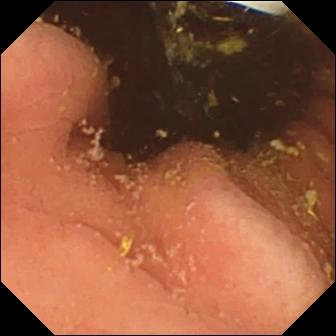Foreign body (e.g. retained capsule, tablet residue).